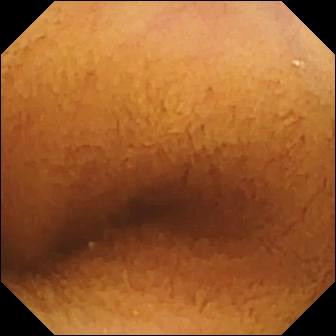Video capsule endoscopy image, small bowel
Finding: normal clean mucosa